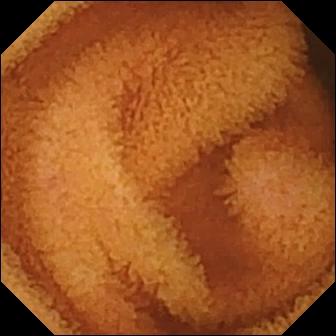Wireless capsule endoscopy frame. Normal clean mucosa.